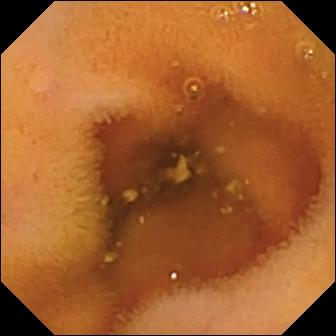Video capsule endoscopy snapshot
Impression: normal clean mucosa